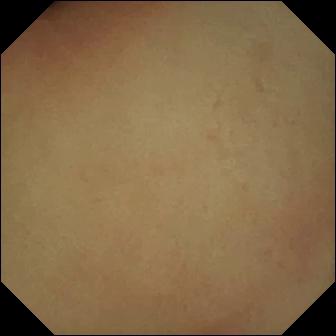This small-bowel capsule endoscopy frame was taken in the pylorus region (the junction between the stomach and the small bowel).